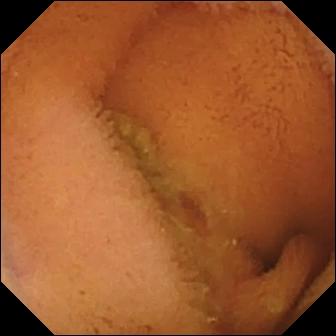{"modality": "small-bowel capsule endoscopy", "segment": "small bowel", "finding": "normal clean mucosa"}